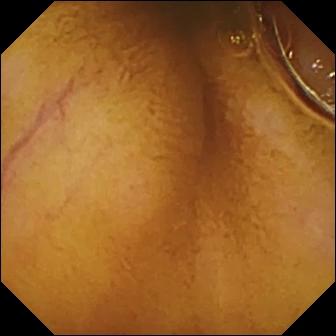Normal clean mucosa — video capsule endoscopy view of the small bowel.